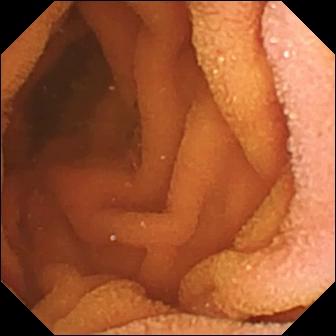Video capsule endoscopy frame of the small bowel showing normal clean mucosa.